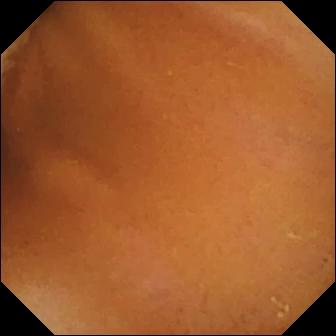VCE view showing normal clean mucosa.